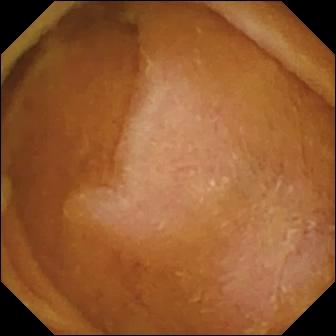WCE — normal clean mucosa.